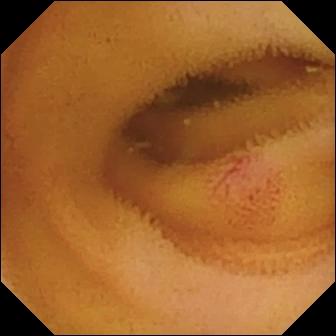PROCEDURE: Video capsule endoscopy.
FINDINGS: Angiectasia.